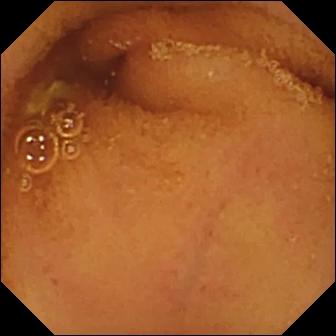WCE frame
Impression: normal clean mucosa